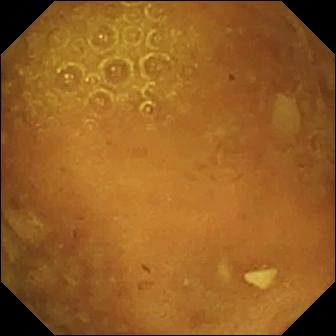{"modality": "small-bowel capsule endoscopy", "segment": "small bowel", "finding": "reduced mucosal view (content or bubbles obscuring the mucosa)"}